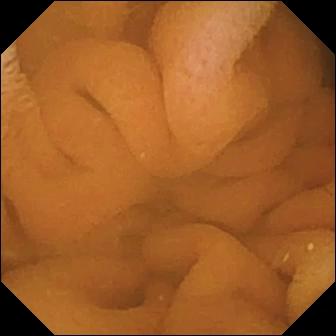WCE snapshot of the small intestine showing normal clean mucosa.